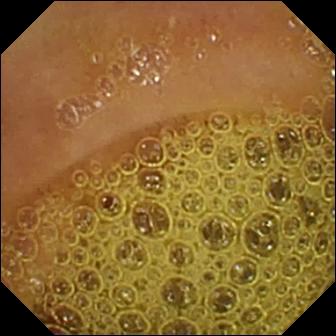Capsule endoscopy still, small intestine
Finding: normal clean mucosa